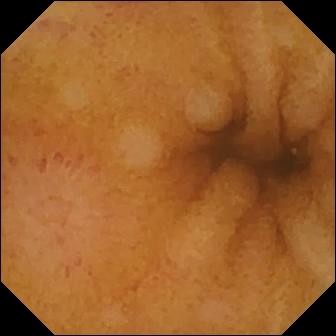WCE. Luminal finding. Finding: erosion.